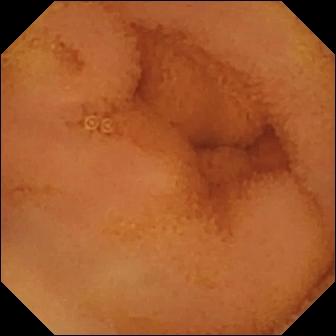Normal clean mucosa — small-bowel capsule endoscopy view.